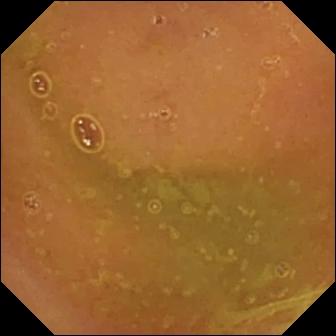Wireless capsule endoscopy. Luminal finding. Label: normal clean mucosa.